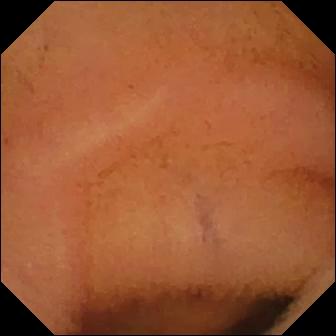Video capsule endoscopy — normal clean mucosa.